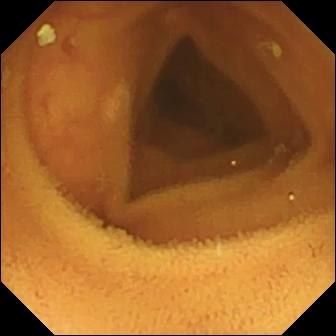Q: What does this WCE still of the small intestine show?
A: Normal clean mucosa.